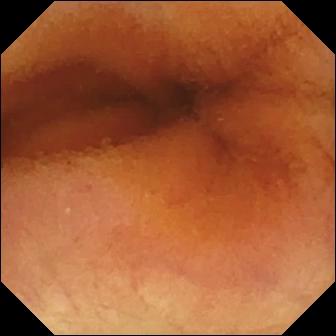PROCEDURE: Wireless capsule endoscopy.
FINDINGS: Normal clean mucosa.